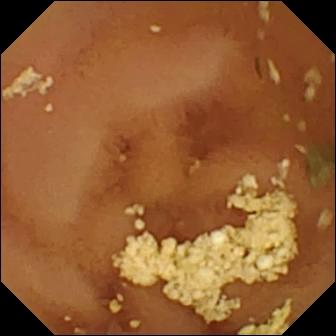WCE — normal clean mucosa.